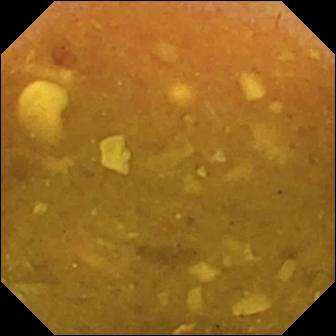WCE — reduced mucosal view (content or bubbles obscuring the mucosa).